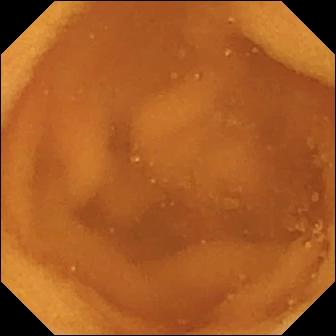This VCE still shows normal clean mucosa.